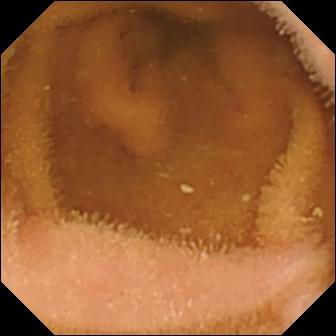Video capsule endoscopy still of the small bowel showing normal clean mucosa.